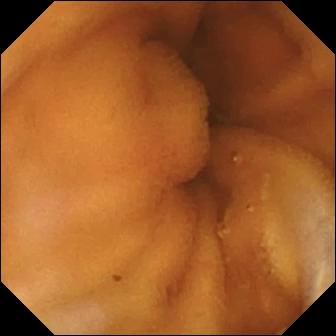Normal clean mucosa — VCE still of the small intestine.